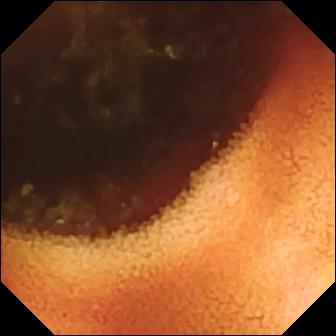Video capsule endoscopy. Near an anatomical landmark. Video segment: ileo-cecal valve region (where the capsule passes from the small bowel into the large bowel).